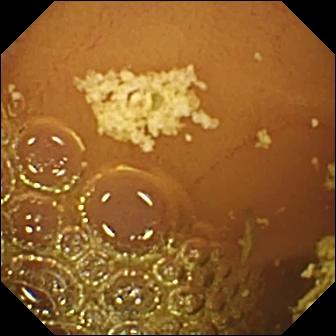Wireless capsule endoscopy. Small intestine. Observation: normal clean mucosa.